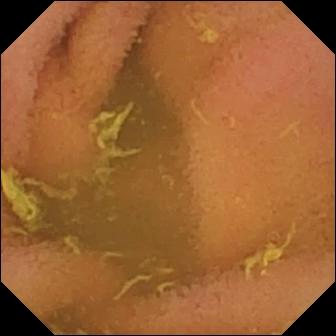Q: What does this video capsule endoscopy still of the small bowel show?
A: Normal clean mucosa.